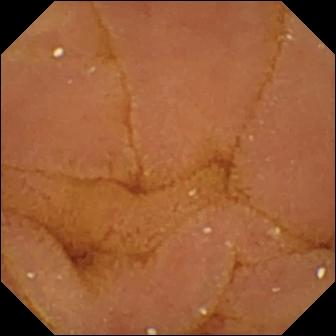- modality: VCE
- category: luminal finding
- observation: normal clean mucosa